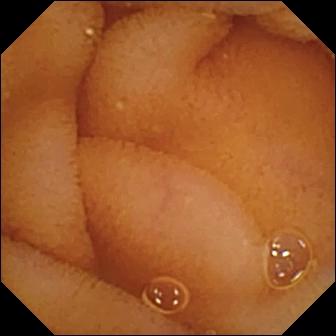modality: WCE; segment: small intestine; category: luminal finding; impression: normal clean mucosa